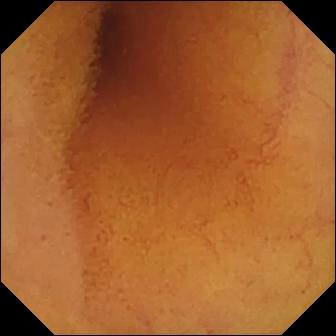{"modality": "capsule endoscopy", "segment": "small intestine", "category": "luminal finding", "finding": "normal clean mucosa"}